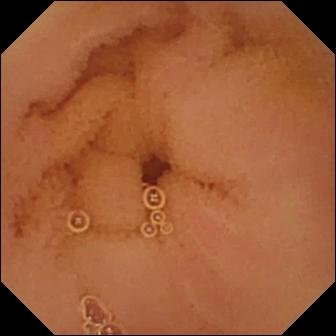modality: video capsule endoscopy | observation: normal clean mucosa